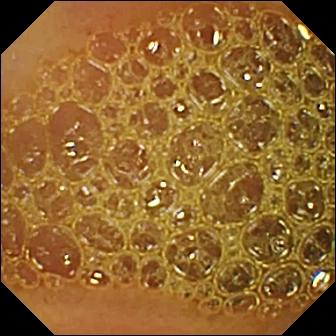PROCEDURE: Wireless capsule endoscopy.
FINDINGS: Reduced mucosal view (content or bubbles obscuring the mucosa).